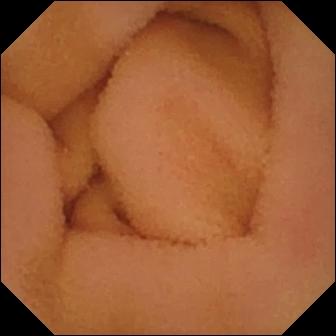Normal clean mucosa — wireless capsule endoscopy image of the small bowel.